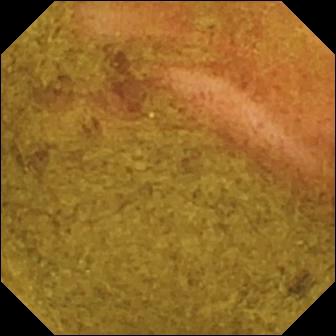Ileo-cecal valve region (where the capsule passes from the small bowel into the large bowel).